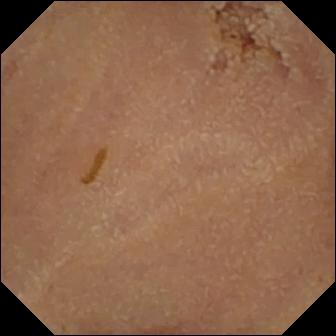modality: small-bowel capsule endoscopy
segment: small intestine
observation: normal clean mucosa